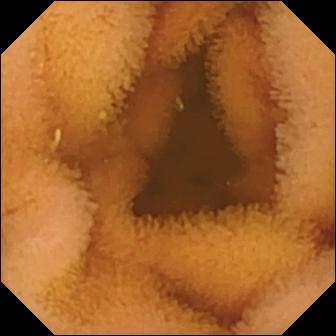Small-bowel capsule endoscopy still
Finding: normal clean mucosa